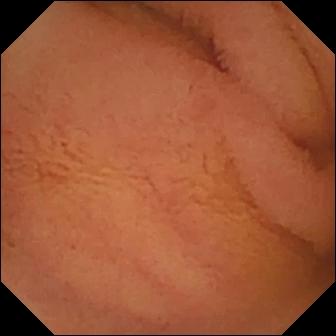Capsule endoscopy — normal clean mucosa.